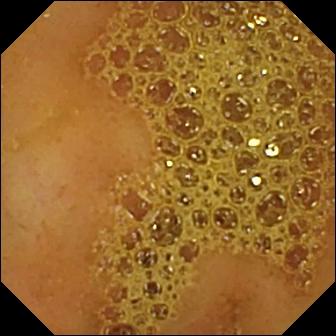Ileo-cecal valve region (where the capsule passes from the small bowel into the large bowel), 336×336.